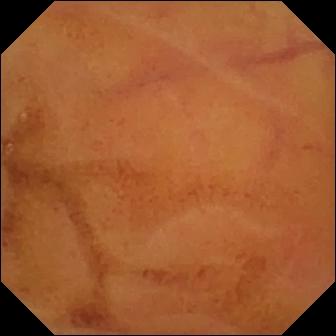{"modality": "capsule endoscopy", "finding": "normal clean mucosa"}